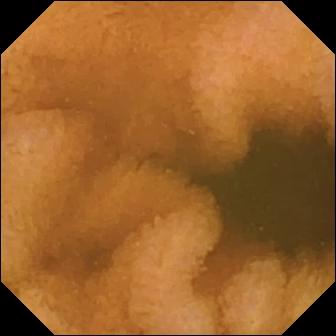Wireless capsule endoscopy still showing normal clean mucosa.